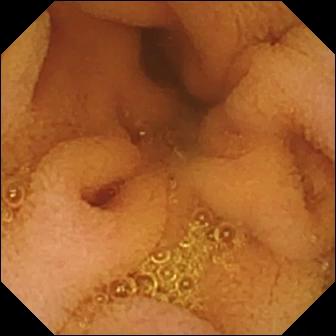Wireless capsule endoscopy. Small bowel. Label: normal clean mucosa.